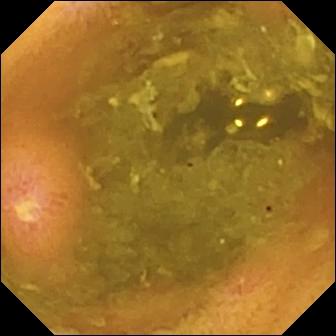PROCEDURE: Video capsule endoscopy.
FINDINGS: Ulcer.